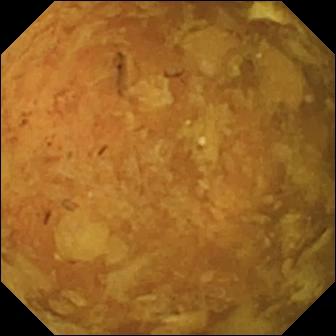{"modality": "VCE", "category": "luminal finding", "finding": "reduced mucosal view (content or bubbles obscuring the mucosa)"}